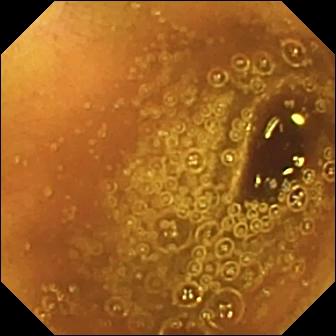PROCEDURE: VCE.
FINDINGS: Normal clean mucosa.